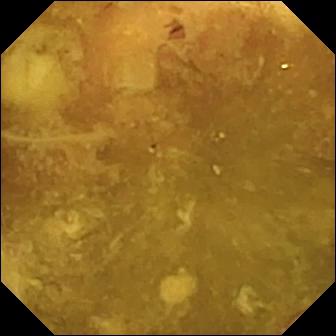PROCEDURE: VCE.
FINDINGS: Reduced mucosal view (content or bubbles obscuring the mucosa).